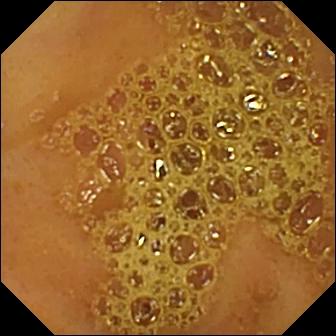WCE image, 336×336. Taken in the ileo-cecal valve region.